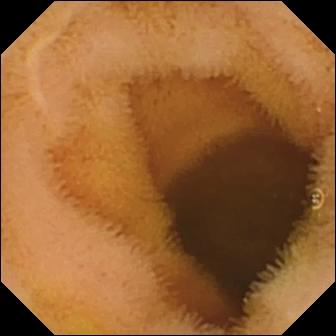{"modality": "WCE", "finding": "normal clean mucosa"}